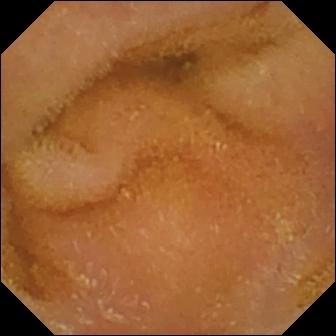PROCEDURE: Capsule endoscopy.
SEGMENT: Small intestine.
FINDINGS: Normal clean mucosa.